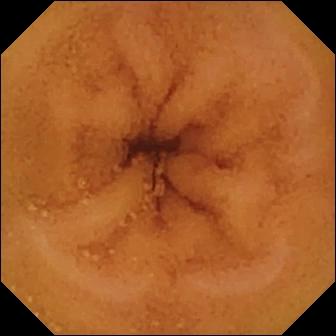{"modality": "video capsule endoscopy", "segment": "small bowel", "finding": "normal clean mucosa"}